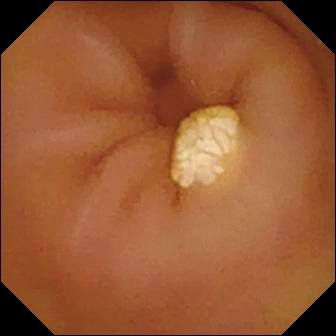Q: What does this small-bowel capsule endoscopy image show?
A: Lymphangiectasia.